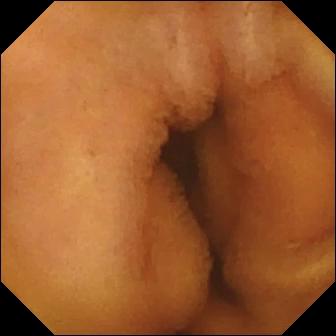Wireless capsule endoscopy still. Normal clean mucosa.